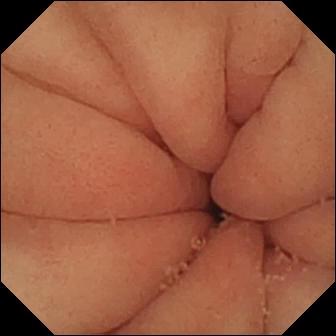VCE. Video segment: pylorus region.